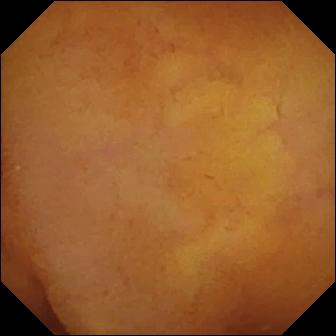{"modality": "VCE", "category": "luminal finding", "finding": "normal clean mucosa"}